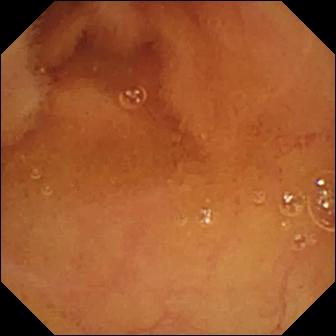Normal clean mucosa.